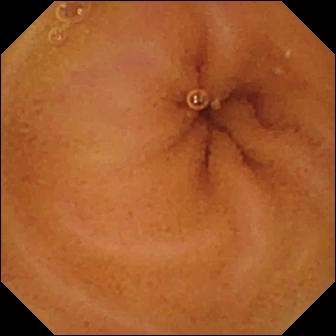This small-bowel capsule endoscopy view shows normal clean mucosa.